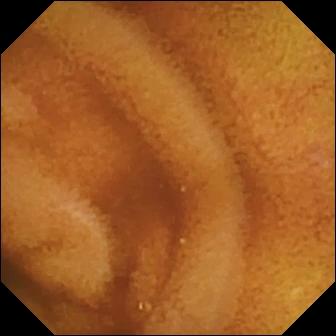Capsule endoscopy image of the small bowel showing normal clean mucosa.